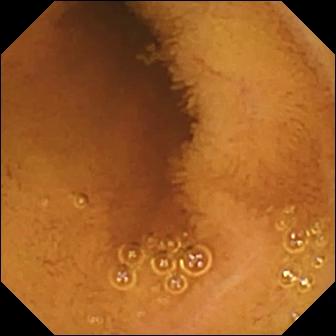Normal clean mucosa — capsule endoscopy frame of the small intestine.